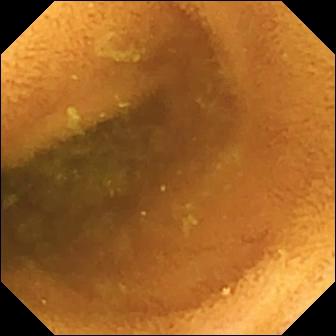{"modality": "wireless capsule endoscopy", "segment": "small intestine", "finding": "normal clean mucosa"}